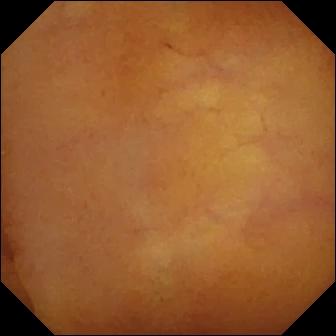Wireless capsule endoscopy frame showing normal clean mucosa.